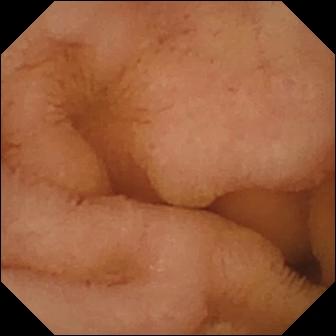Normal clean mucosa — WCE frame.